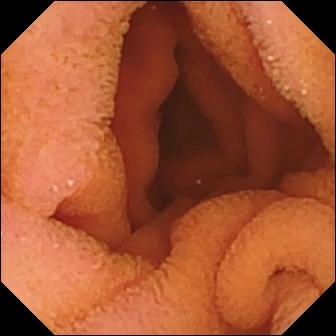Q: What does this capsule endoscopy snapshot show?
A: Normal clean mucosa.